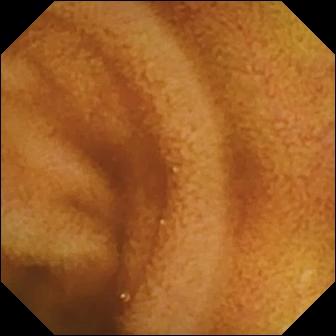Normal clean mucosa — wireless capsule endoscopy view.